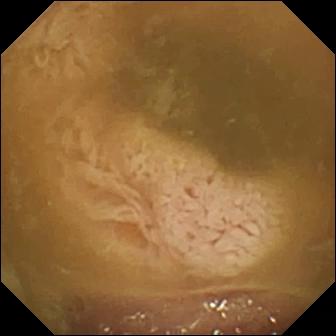Ileo-cecal valve region (where the capsule passes from the small bowel into the large bowel) — video capsule endoscopy image.